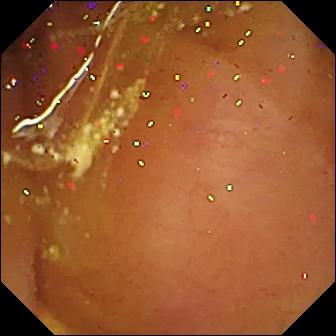modality: capsule endoscopy | segment: small intestine | impression: normal clean mucosa